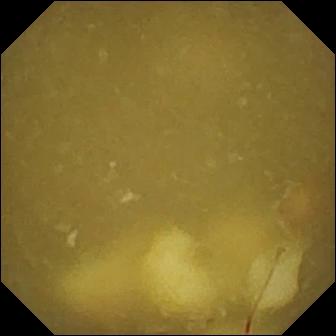Video capsule endoscopy. Video segment: ileo-cecal valve region.